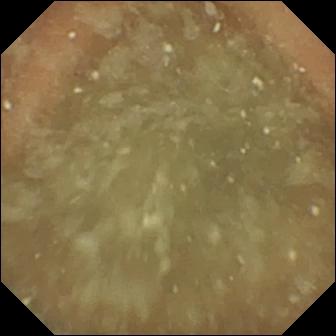WCE. Small intestine. Luminal finding. Finding: normal clean mucosa.